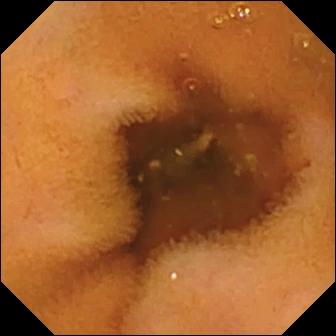Small-bowel capsule endoscopy frame. Normal clean mucosa.